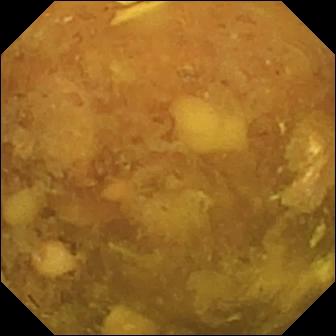Wireless capsule endoscopy. Small bowel. Impression: reduced mucosal view (content or bubbles obscuring the mucosa).